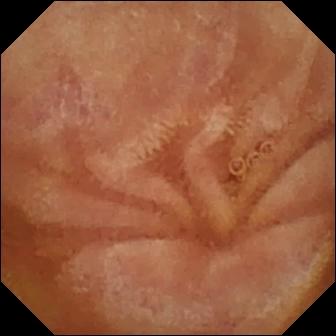Normal clean mucosa — capsule endoscopy still of the small bowel.